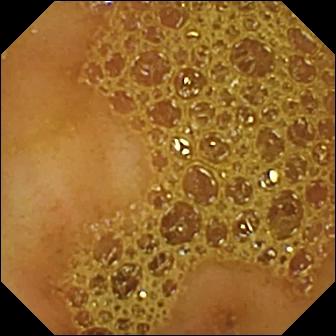Ileo-cecal valve region (where the capsule passes from the small bowel into the large bowel) — wireless capsule endoscopy frame.